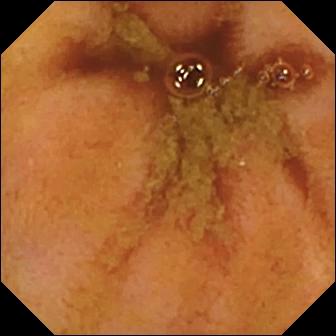modality: small-bowel capsule endoscopy | category: anatomical landmark | label: ileo-cecal valve region